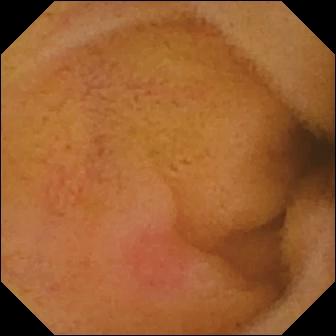Erythema (mucosal redness) — small-bowel capsule endoscopy view.